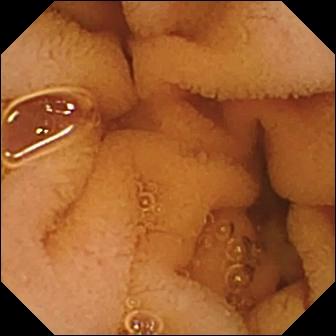Normal clean mucosa.